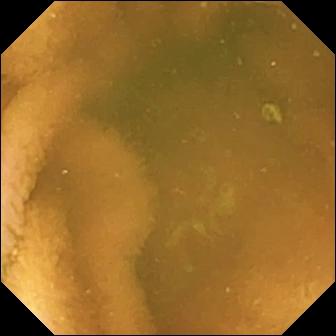Wireless capsule endoscopy. Observation: normal clean mucosa.